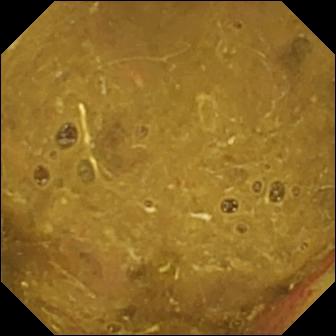- modality: small-bowel capsule endoscopy
- location: ileo-cecal valve region (where the capsule passes from the small bowel into the large bowel)